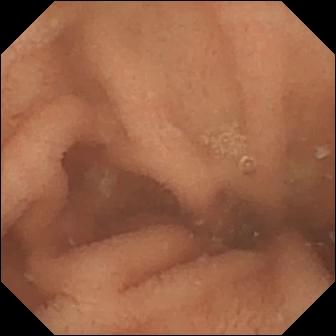VCE image of the small bowel showing normal clean mucosa.